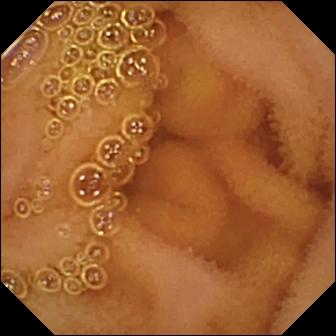Normal clean mucosa.